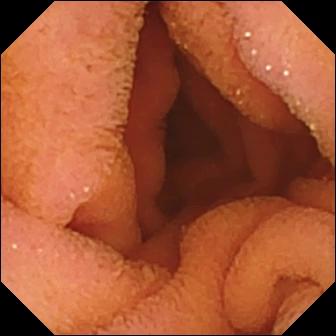Normal clean mucosa.